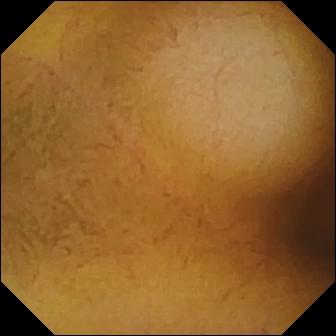WCE — normal clean mucosa.